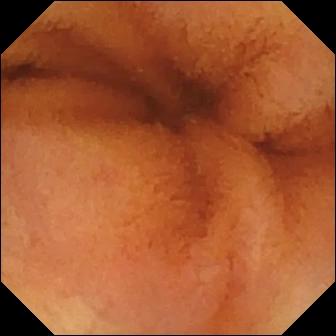This WCE view shows normal clean mucosa.